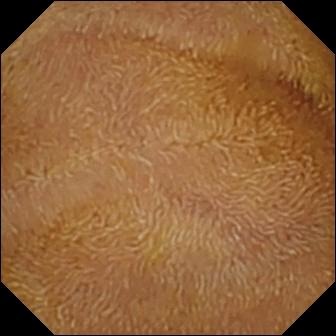PROCEDURE: VCE.
SEGMENT: Small intestine.
FINDINGS: Normal clean mucosa.